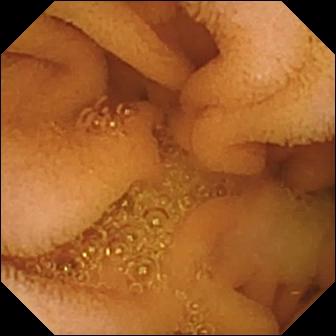{"modality": "small-bowel capsule endoscopy", "category": "luminal finding", "finding": "normal clean mucosa"}